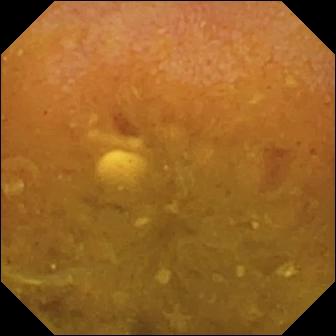WCE snapshot showing reduced mucosal view (content or bubbles obscuring the mucosa).